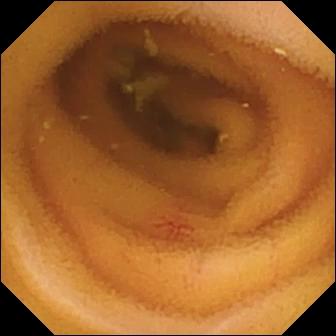VCE view
Observation: angiectasia